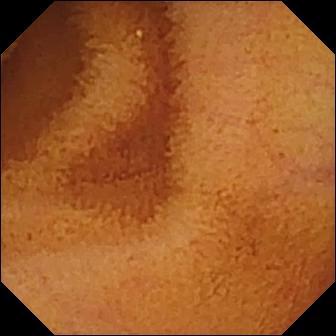Normal clean mucosa — wireless capsule endoscopy still.